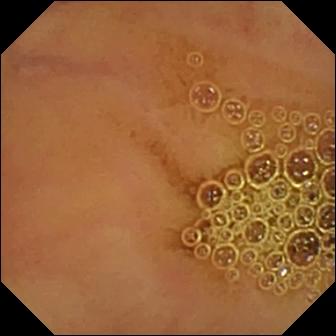Q: What does this video capsule endoscopy view of the small intestine show?
A: Normal clean mucosa.